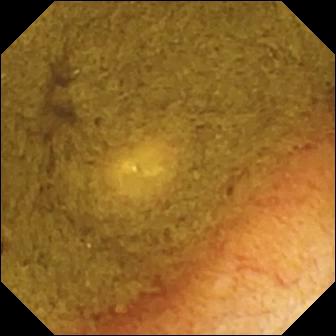modality: wireless capsule endoscopy | video segment: ileo-cecal valve region (the transition from the small bowel to the large bowel)